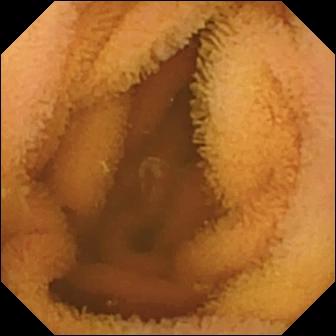{"modality": "wireless capsule endoscopy", "finding": "normal clean mucosa"}